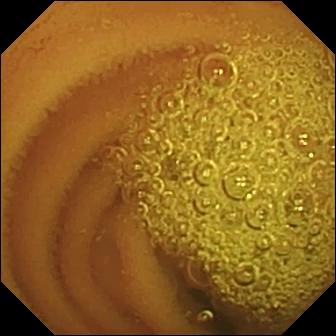Normal clean mucosa — capsule endoscopy image.